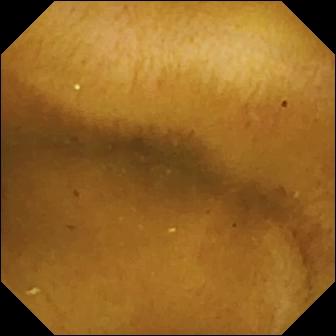modality: wireless capsule endoscopy
segment: small bowel
impression: normal clean mucosa